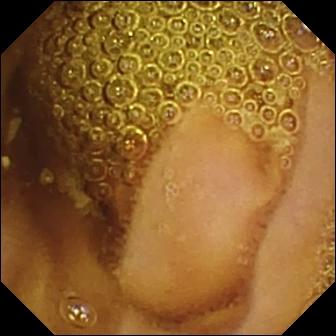Capsule endoscopy snapshot, small bowel
Impression: normal clean mucosa